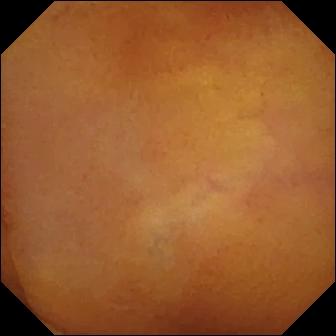Normal clean mucosa.